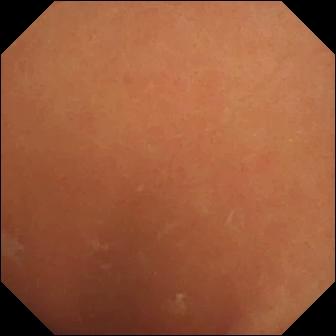Video capsule endoscopy frame showing normal clean mucosa.